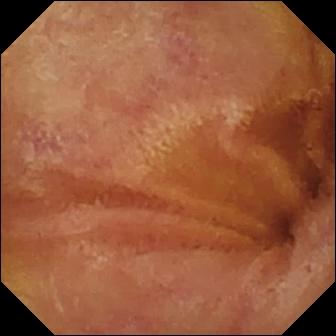Q: What does this video capsule endoscopy frame show?
A: Normal clean mucosa.